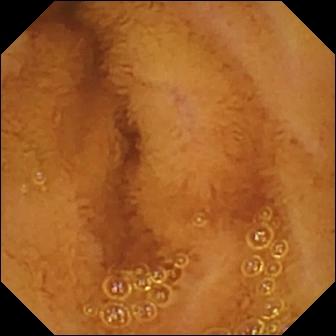{"modality": "VCE", "segment": "small bowel", "finding": "normal clean mucosa"}